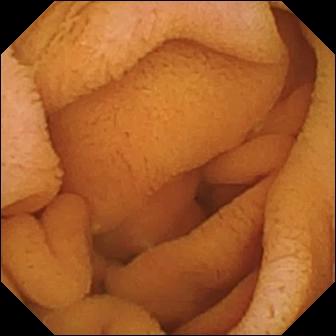Capsule endoscopy — normal clean mucosa.